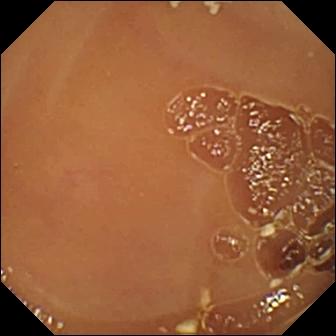Wireless capsule endoscopy frame, 336×336. Normal clean mucosa.